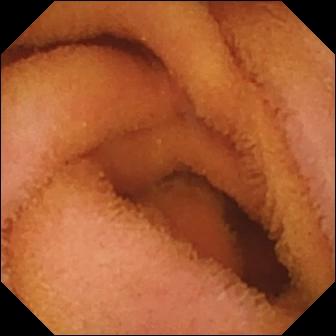Small-bowel capsule endoscopy — normal clean mucosa.